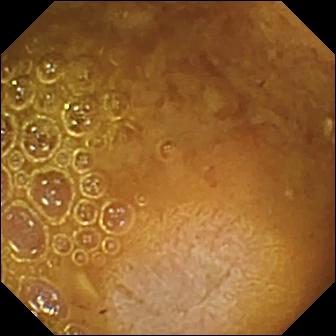{"modality": "WCE", "segment": "small intestine", "finding": "reduced mucosal view (content or bubbles obscuring the mucosa)"}